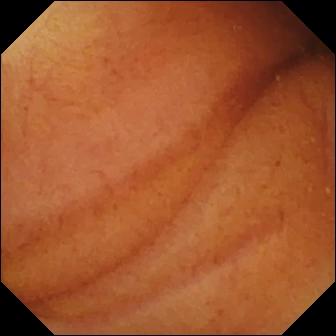WCE — normal clean mucosa.